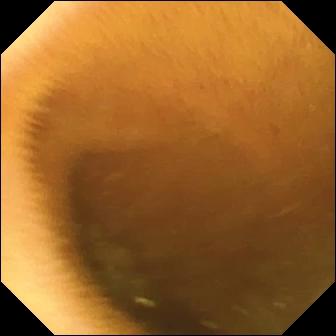Capsule endoscopy frame
Finding: normal clean mucosa